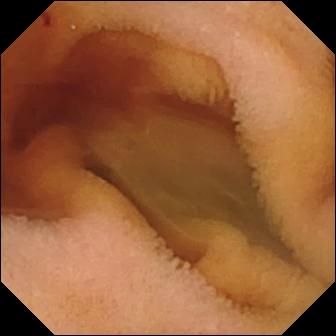Capsule endoscopy snapshot showing fresh blood in the lumen.